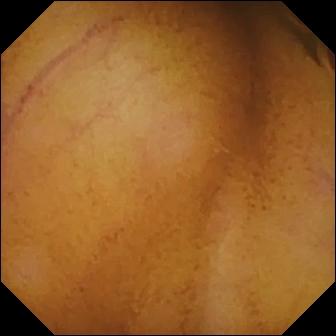Normal clean mucosa.